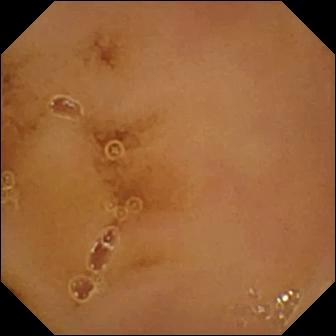VCE. Small bowel. Finding: normal clean mucosa.